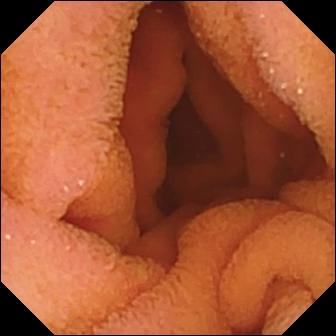modality: wireless capsule endoscopy; segment: small bowel; finding: normal clean mucosa